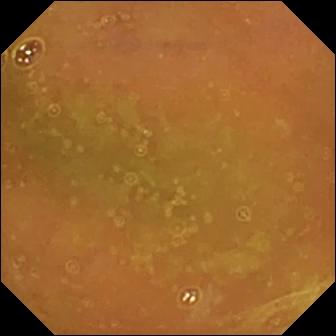Capsule endoscopy — normal clean mucosa.